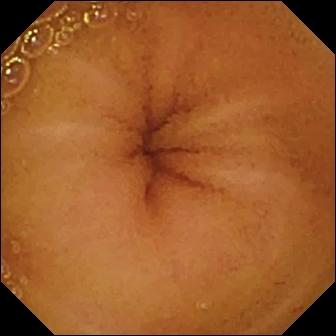Small-bowel capsule endoscopy snapshot, 336×336. Normal clean mucosa.